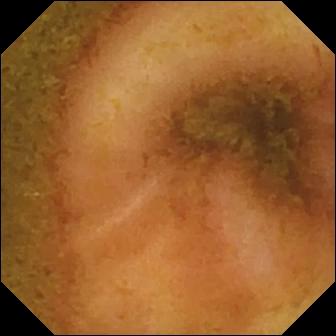Small-bowel capsule endoscopy. Near an anatomical landmark. Video segment: ileo-cecal valve region (where the capsule passes from the small bowel into the large bowel).